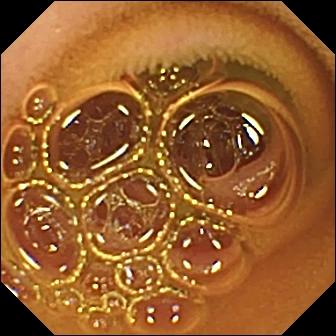PROCEDURE: Video capsule endoscopy.
FINDINGS: Normal clean mucosa.